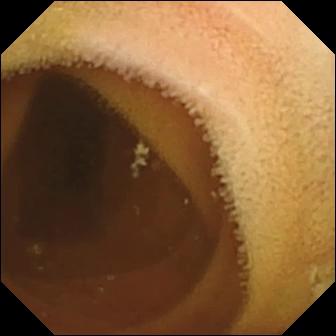PROCEDURE: Small-bowel capsule endoscopy.
SEGMENT: Small intestine.
FINDINGS: Normal clean mucosa.